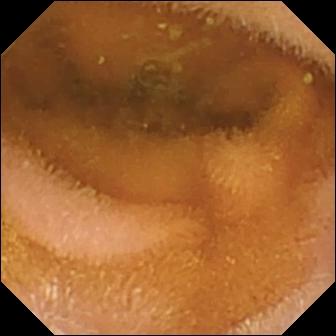Normal clean mucosa.